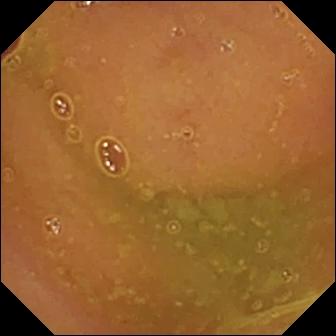{"modality": "VCE", "segment": "small bowel", "category": "luminal finding", "finding": "normal clean mucosa"}